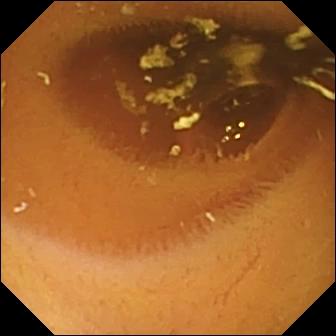VCE. Observation: normal clean mucosa.